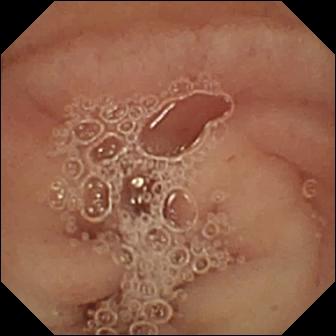Small-bowel capsule endoscopy frame, 336×336. Taken in the pylorus region (the junction between the stomach and the small bowel).